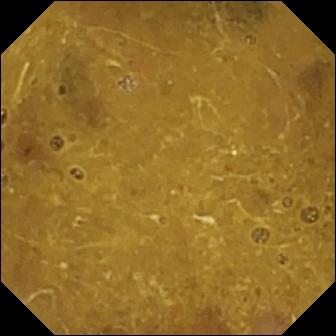modality: capsule endoscopy | location: ileo-cecal valve region